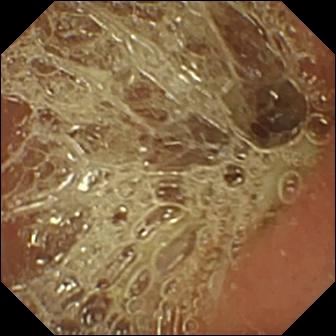Pylorus region — capsule endoscopy image.